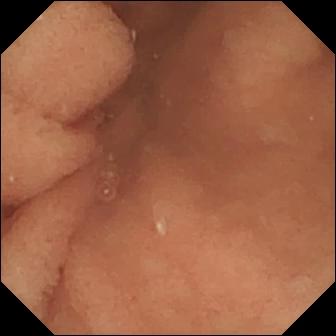Q: What does this wireless capsule endoscopy view of the small bowel show?
A: Normal clean mucosa.